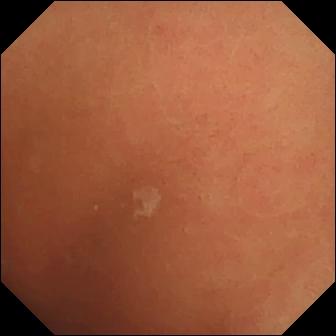- modality: VCE
- label: normal clean mucosa